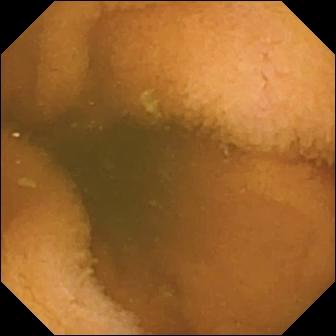This wireless capsule endoscopy still shows normal clean mucosa.